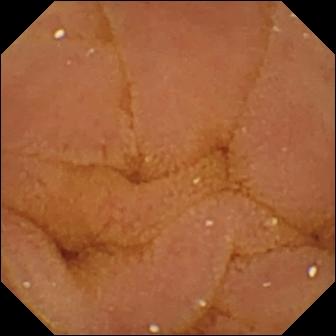Video capsule endoscopy — normal clean mucosa.